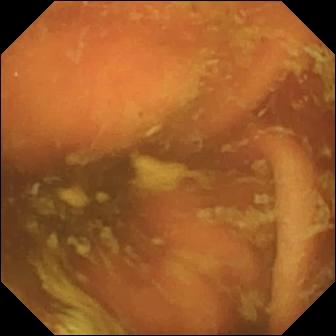Wireless capsule endoscopy snapshot taken in the ileo-cecal valve region (the transition from the small bowel to the large bowel).